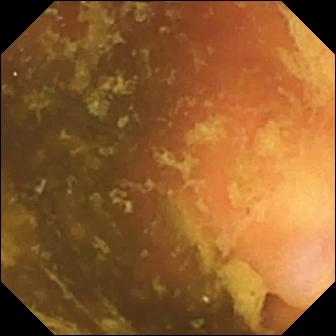- modality: VCE
- video segment: ileo-cecal valve region